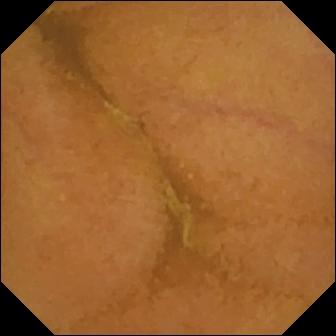Video capsule endoscopy image (small bowel). Normal clean mucosa.